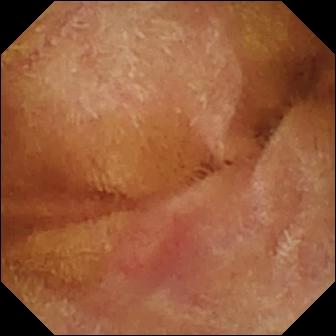Normal clean mucosa.